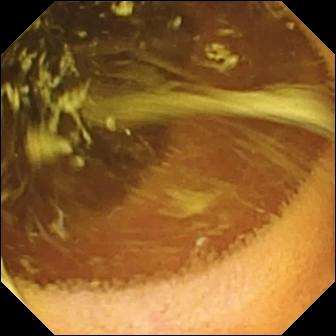This video capsule endoscopy view shows normal clean mucosa.